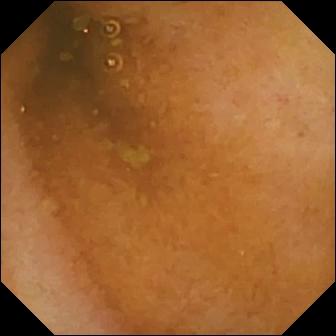Small-bowel capsule endoscopy frame of the small intestine showing normal clean mucosa.